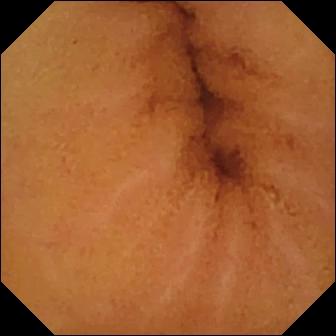Wireless capsule endoscopy view, small bowel
Label: normal clean mucosa